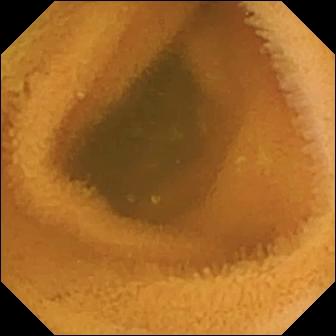- modality: wireless capsule endoscopy
- impression: normal clean mucosa